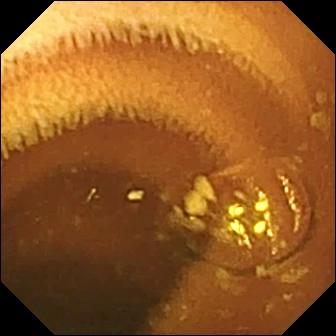{"modality": "video capsule endoscopy", "finding": "normal clean mucosa"}